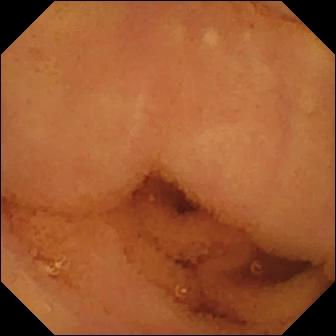This WCE view shows normal clean mucosa.